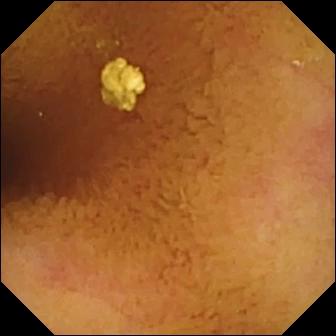Q: What does this small-bowel capsule endoscopy frame show?
A: Normal clean mucosa.